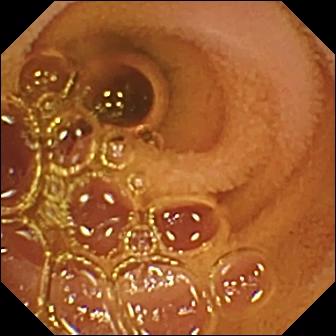Normal clean mucosa.